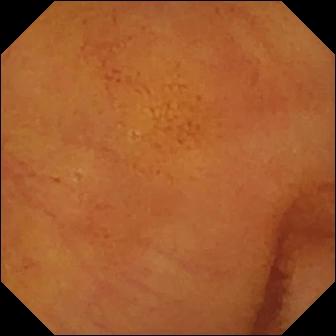Capsule endoscopy — normal clean mucosa.